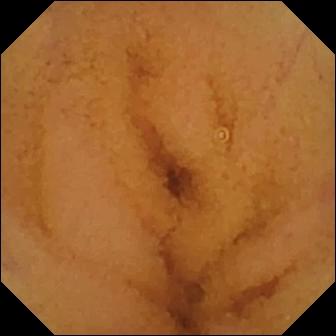Q: What does this small-bowel capsule endoscopy snapshot of the small bowel show?
A: Normal clean mucosa.